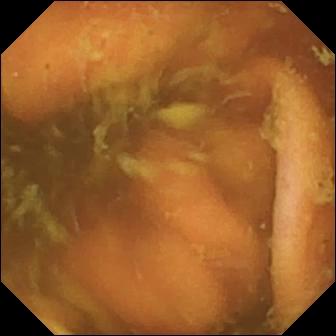This VCE snapshot was taken in the ileo-cecal valve region.